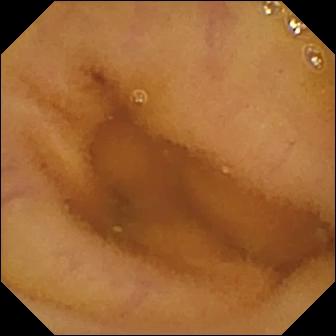{"modality": "VCE", "segment": "small intestine", "category": "luminal finding", "finding": "normal clean mucosa"}